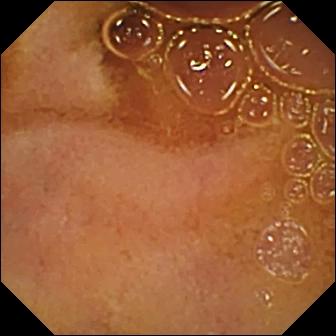{"modality": "WCE", "segment": "small bowel", "finding": "normal clean mucosa"}